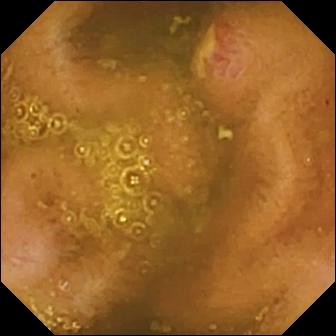WCE — ulcer.